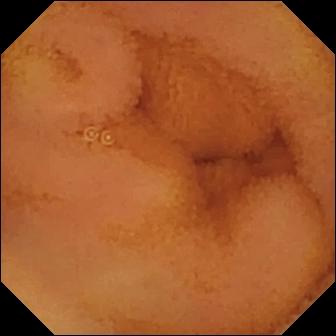Capsule endoscopy still, small bowel
Impression: normal clean mucosa